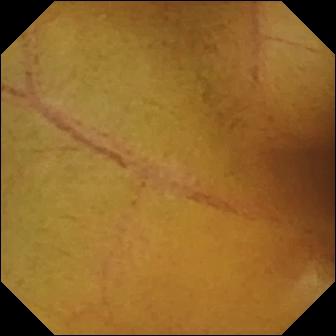- modality: video capsule endoscopy
- segment: small bowel
- category: luminal finding
- impression: normal clean mucosa